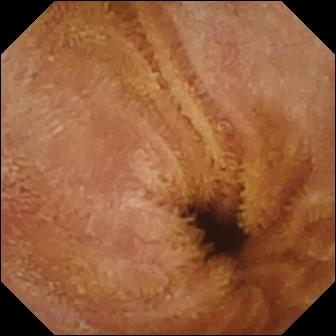Wireless capsule endoscopy view
Label: normal clean mucosa